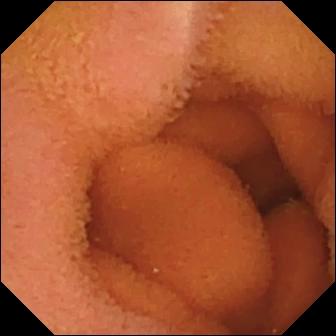Capsule endoscopy — normal clean mucosa.